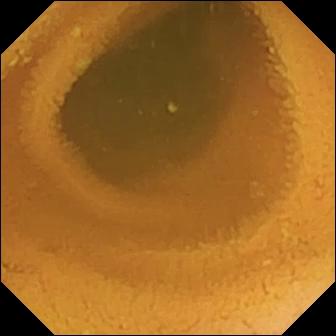This VCE frame of the small intestine shows normal clean mucosa.